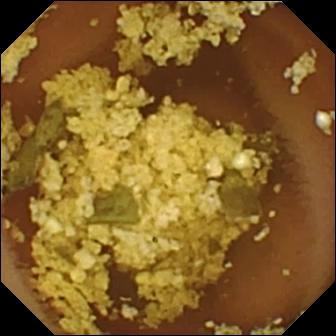Q: What does this video capsule endoscopy frame of the small bowel show?
A: Normal clean mucosa.